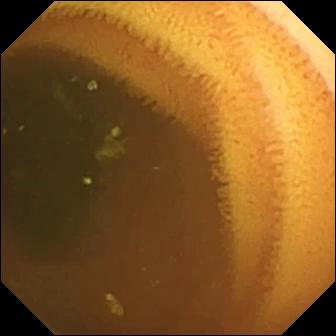{"modality": "small-bowel capsule endoscopy", "finding": "normal clean mucosa"}